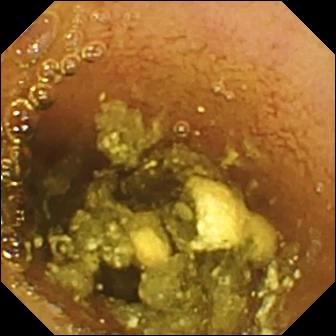Video capsule endoscopy — normal clean mucosa.